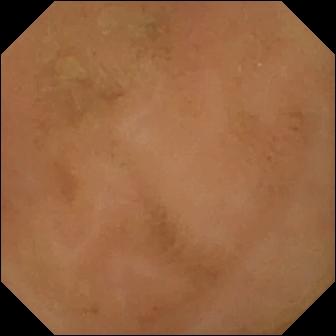Normal clean mucosa.